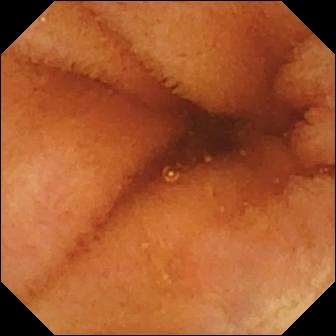{"modality": "video capsule endoscopy", "segment": "small bowel", "finding": "normal clean mucosa"}